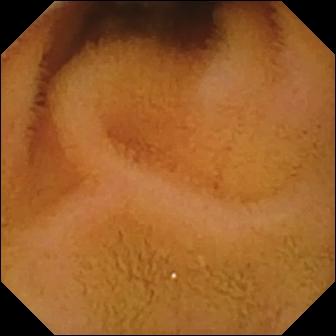Wireless capsule endoscopy frame showing normal clean mucosa.